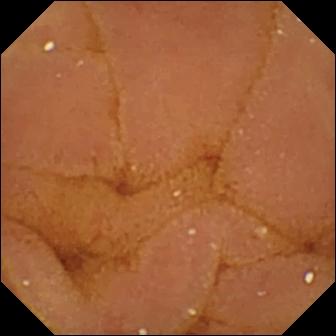- modality: VCE
- segment: small intestine
- category: luminal finding
- label: normal clean mucosa